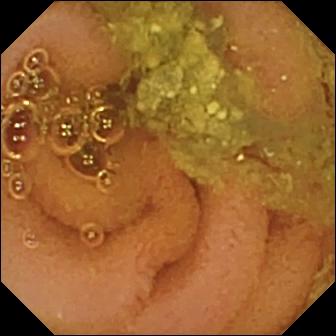WCE image, small intestine
Impression: normal clean mucosa